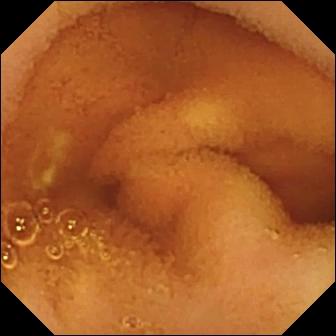Normal clean mucosa.